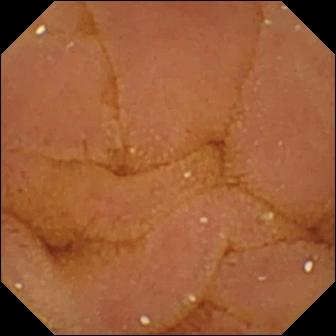Wireless capsule endoscopy still. Normal clean mucosa.